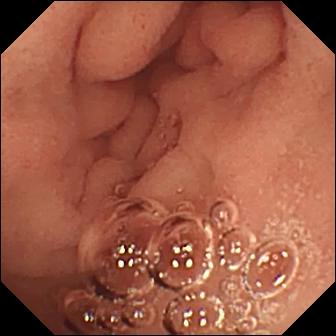PROCEDURE: Video capsule endoscopy.
LABEL: Pylorus region.